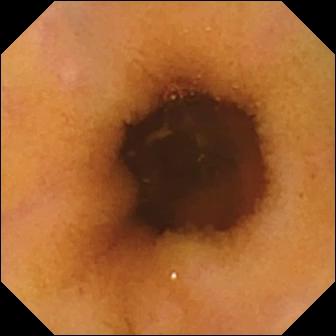modality: video capsule endoscopy
finding: normal clean mucosa